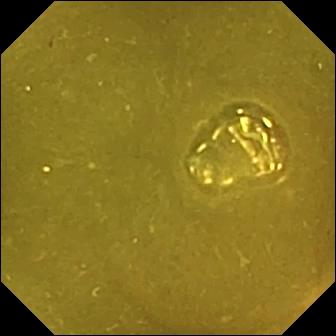Ileo-cecal valve region (where the capsule passes from the small bowel into the large bowel).